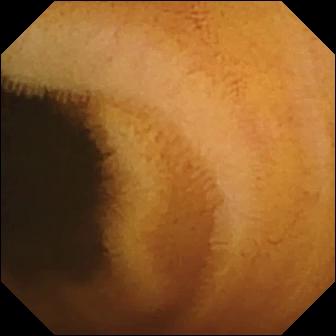Small-bowel capsule endoscopy. Small intestine. Label: normal clean mucosa.